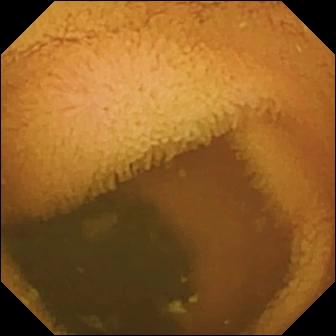Normal clean mucosa — small-bowel capsule endoscopy snapshot of the small bowel.